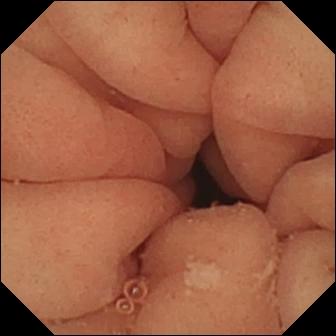PROCEDURE: Wireless capsule endoscopy.
POSITION: Pylorus region (the junction between the stomach and the small bowel).